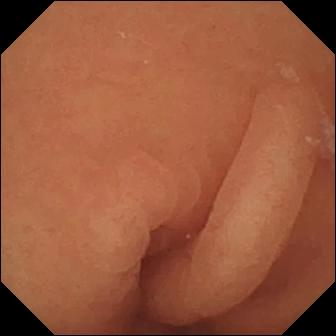modality: wireless capsule endoscopy | label: normal clean mucosa